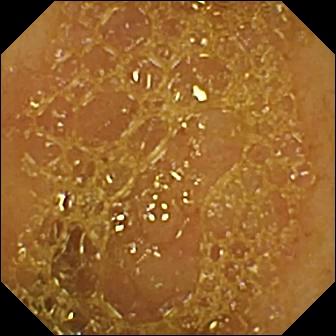- modality: WCE
- category: anatomical landmark
- location: ileo-cecal valve region (where the capsule passes from the small bowel into the large bowel)